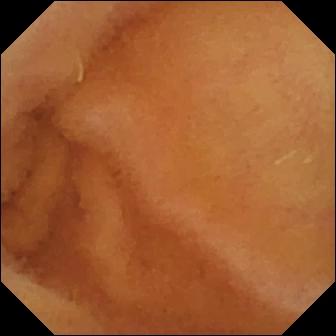Normal clean mucosa.